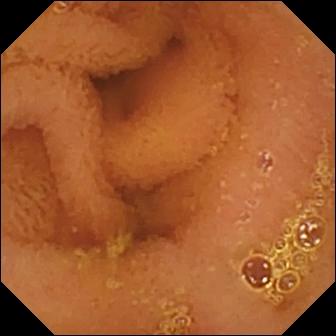Q: What does this wireless capsule endoscopy snapshot of the small bowel show?
A: Normal clean mucosa.